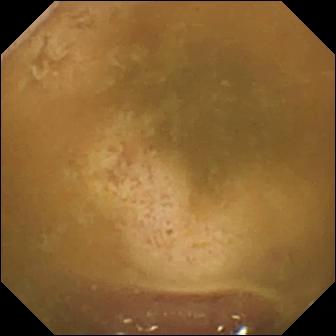This wireless capsule endoscopy snapshot was taken in the ileo-cecal valve region (the transition from the small bowel to the large bowel).